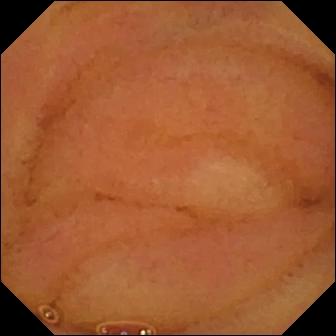Wireless capsule endoscopy snapshot of the small bowel showing normal clean mucosa.